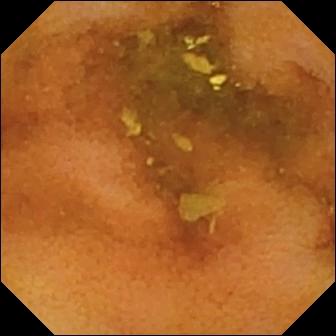Wireless capsule endoscopy — normal clean mucosa.